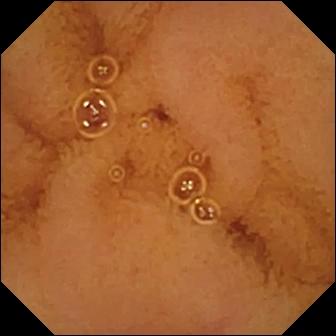This wireless capsule endoscopy still shows normal clean mucosa.